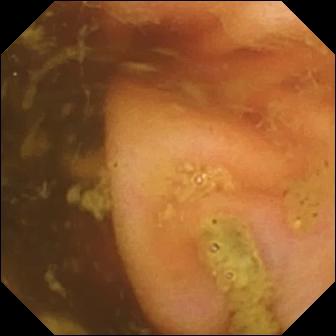modality: VCE; label: ileo-cecal valve region (where the capsule passes from the small bowel into the large bowel)